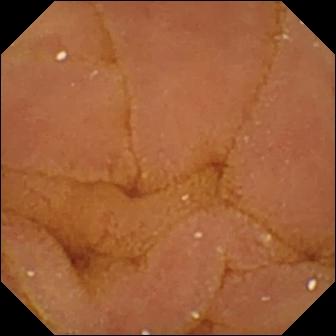Q: What does this capsule endoscopy view of the small intestine show?
A: Normal clean mucosa.